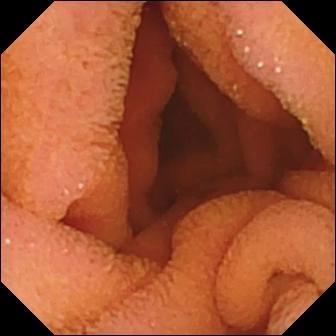Normal clean mucosa — WCE still of the small bowel.